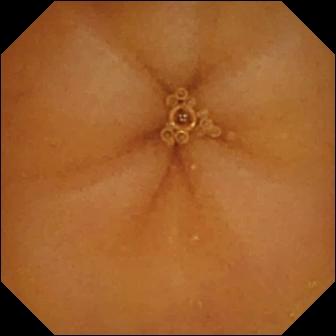- modality: wireless capsule endoscopy
- category: luminal finding
- impression: normal clean mucosa